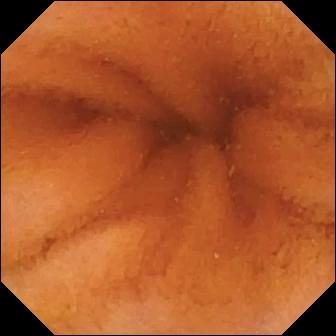WCE — normal clean mucosa.